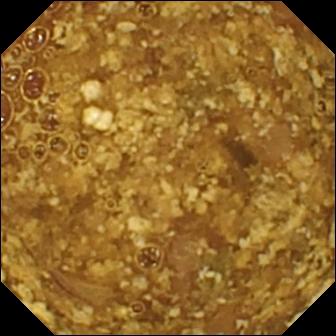Reduced mucosal view (content or bubbles obscuring the mucosa) — wireless capsule endoscopy image.